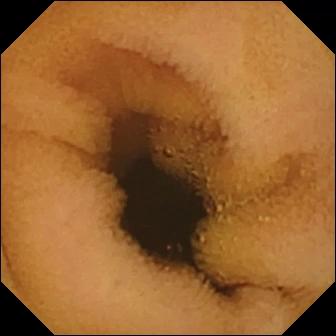Q: What does this video capsule endoscopy image of the small intestine show?
A: Normal clean mucosa.